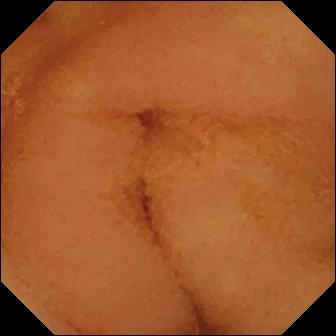{"modality": "small-bowel capsule endoscopy", "category": "luminal finding", "finding": "normal clean mucosa"}